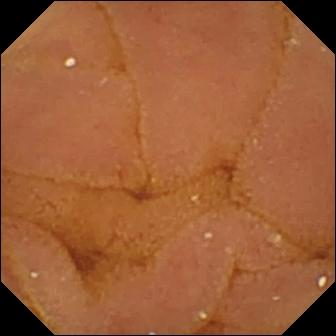Normal clean mucosa — small-bowel capsule endoscopy view of the small bowel.